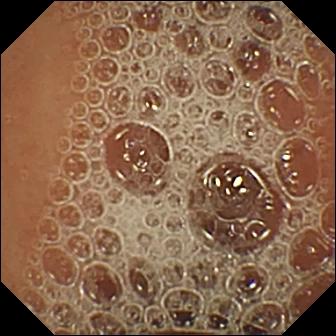This VCE view shows normal clean mucosa.